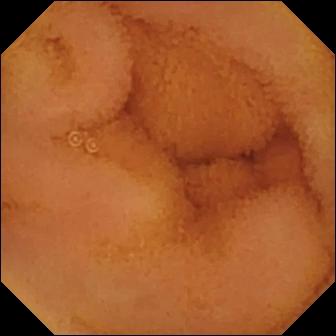Capsule endoscopy — normal clean mucosa.